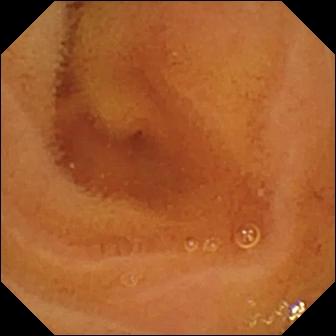This VCE image of the small bowel shows normal clean mucosa.